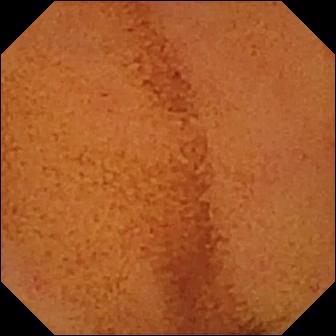Q: What does this video capsule endoscopy image of the small intestine show?
A: Normal clean mucosa.